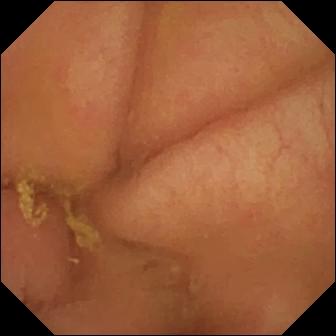VCE snapshot, 336×336. Taken in the pylorus region.